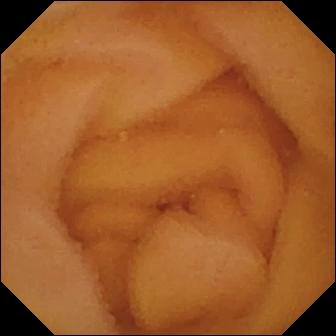Small-bowel capsule endoscopy image. Normal clean mucosa.